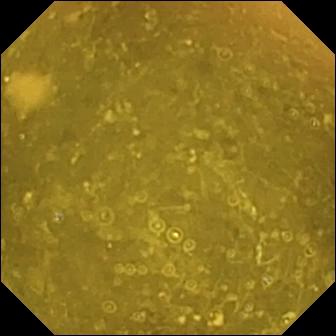Q: Where in the digestive tract was this VCE snapshot taken?
A: Ileo-cecal valve region (where the capsule passes from the small bowel into the large bowel).